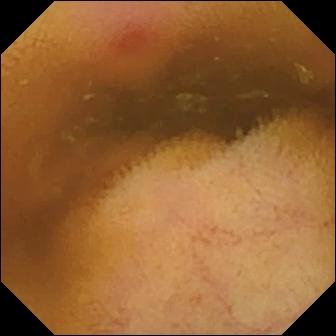WCE still
Label: erythema (mucosal redness)